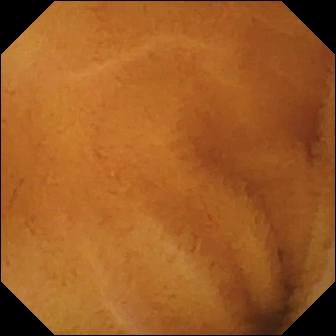Wireless capsule endoscopy. Small intestine. Observation: normal clean mucosa.